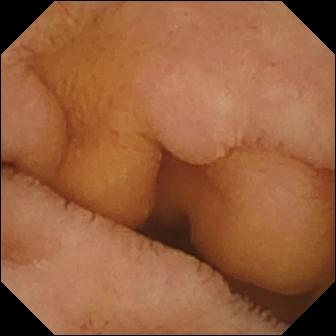Small-bowel capsule endoscopy view of the small bowel showing normal clean mucosa.